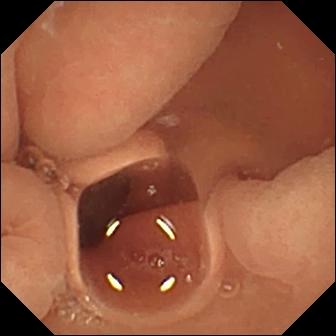VCE view
Observation: normal clean mucosa